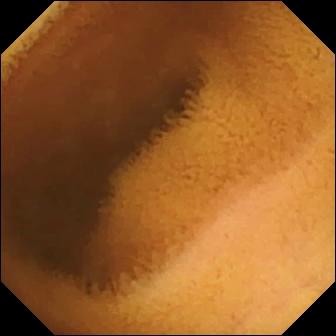modality: VCE | category: luminal finding | finding: normal clean mucosa